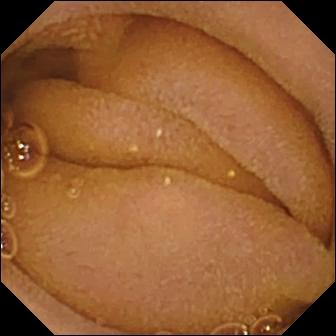Video capsule endoscopy frame
Impression: normal clean mucosa